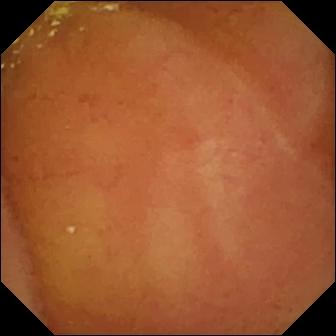- modality: WCE
- segment: small intestine
- category: luminal finding
- impression: normal clean mucosa